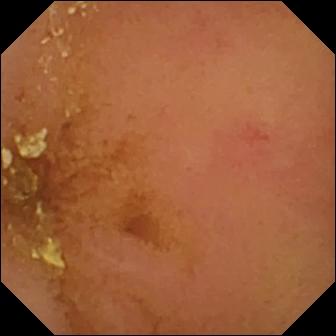- modality: capsule endoscopy
- segment: small intestine
- category: luminal finding
- finding: normal clean mucosa